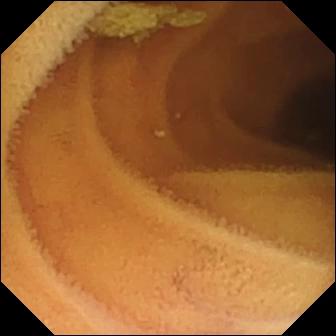Q: What does this small-bowel capsule endoscopy still of the small intestine show?
A: Normal clean mucosa.